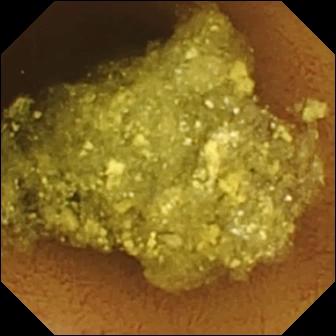Video capsule endoscopy — normal clean mucosa.